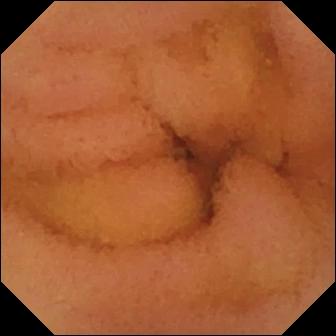PROCEDURE: Small-bowel capsule endoscopy.
FINDINGS: Normal clean mucosa.